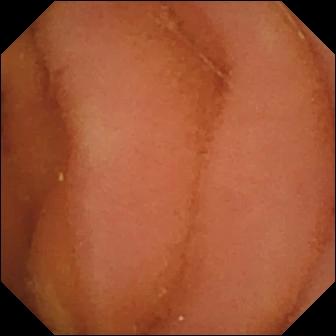Wireless capsule endoscopy image of the small intestine showing normal clean mucosa.